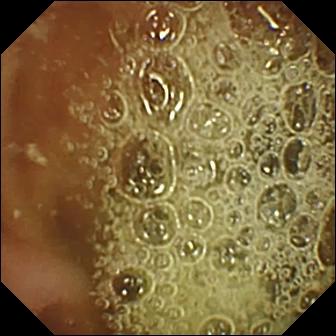Wireless capsule endoscopy. Label: pylorus region.